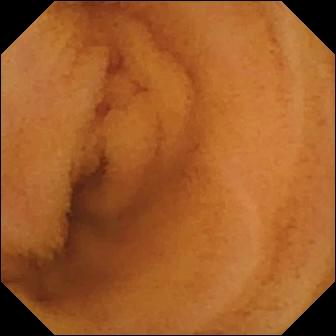Q: What does this video capsule endoscopy snapshot show?
A: Normal clean mucosa.